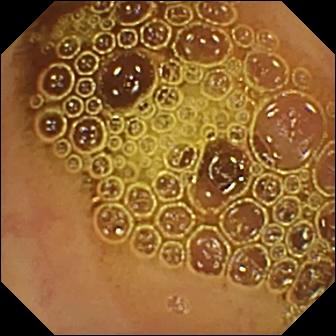WCE view showing normal clean mucosa.